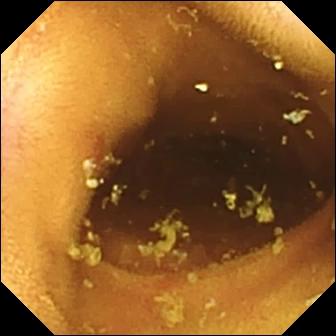- modality: WCE
- category: luminal finding
- label: erosion